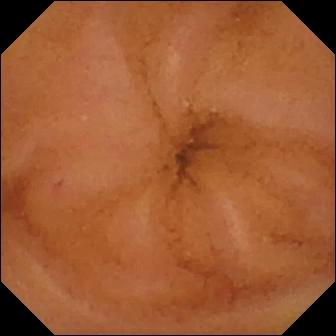Q: What does this wireless capsule endoscopy still show?
A: Normal clean mucosa.